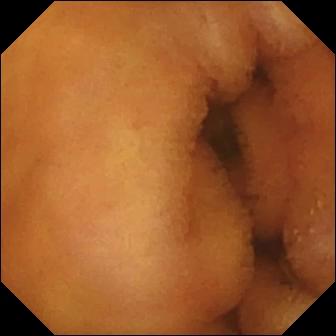{"modality": "VCE", "segment": "small intestine", "finding": "normal clean mucosa"}